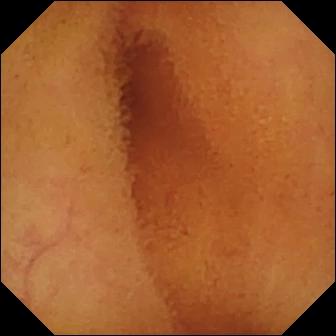Video capsule endoscopy image, 336×336. Normal clean mucosa.